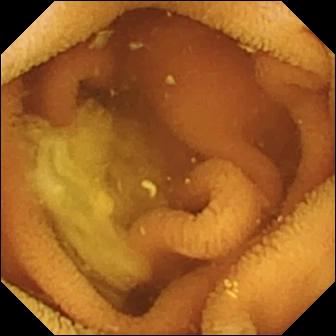Wireless capsule endoscopy — normal clean mucosa.